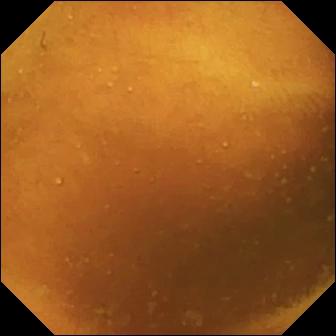Small-bowel capsule endoscopy view showing normal clean mucosa.